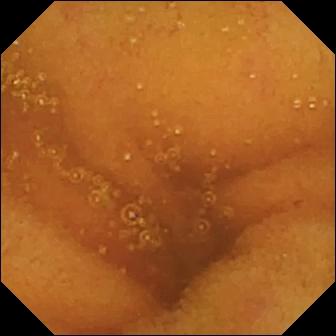WCE frame. Normal clean mucosa.